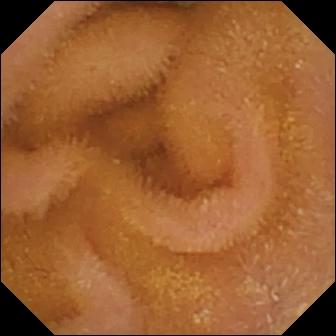This video capsule endoscopy frame of the small intestine shows normal clean mucosa.